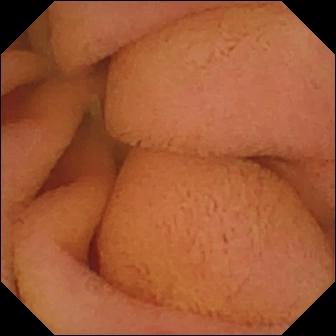PROCEDURE: Capsule endoscopy.
SEGMENT: Small intestine.
FINDINGS: Normal clean mucosa.